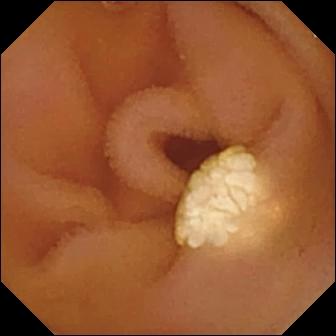Wireless capsule endoscopy — lymphangiectasia.